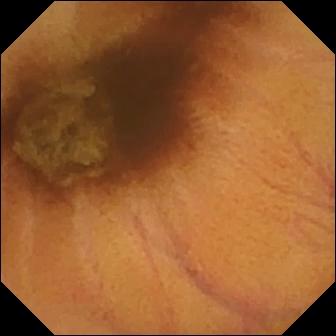Q: What does this wireless capsule endoscopy image show?
A: Normal clean mucosa.